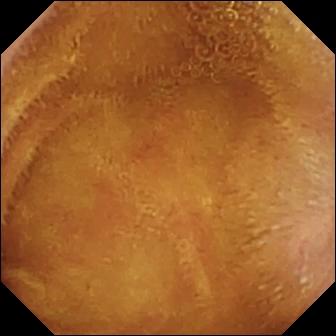Capsule endoscopy still of the small bowel showing normal clean mucosa.